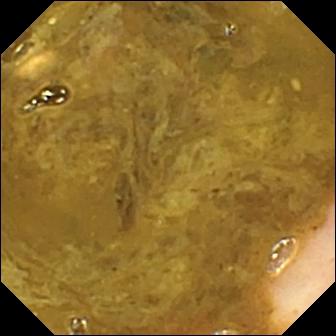PROCEDURE: Wireless capsule endoscopy.
VIDEO SEGMENT: Ileo-cecal valve region (where the capsule passes from the small bowel into the large bowel).